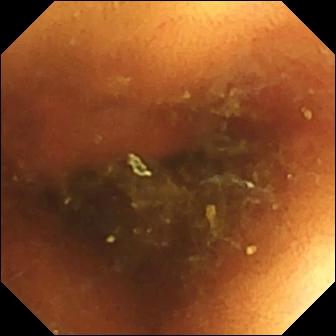PROCEDURE: Video capsule endoscopy.
FINDINGS: Normal clean mucosa.